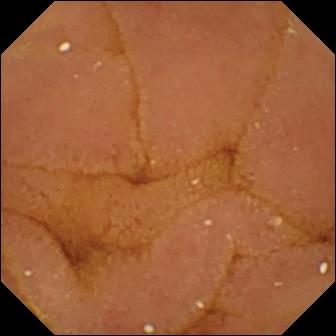PROCEDURE: VCE.
FINDINGS: Normal clean mucosa.